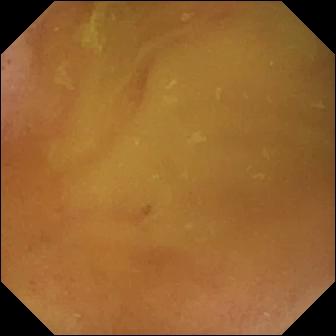Q: What does this WCE image show?
A: Normal clean mucosa.